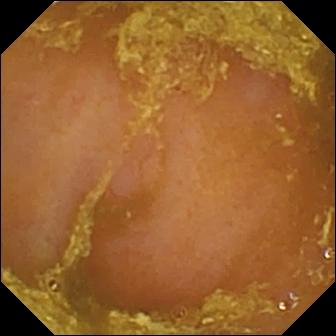- modality: wireless capsule endoscopy
- segment: small intestine
- label: reduced mucosal view (content or bubbles obscuring the mucosa)